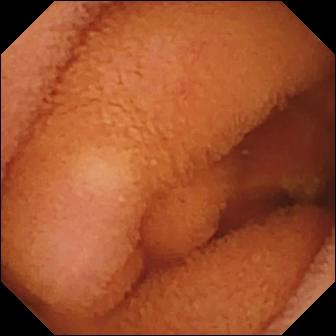Normal clean mucosa.